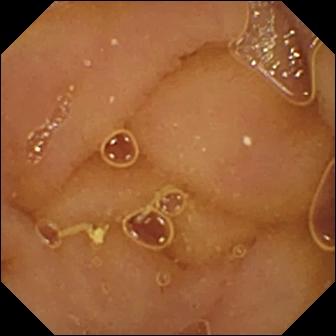VCE frame. Normal clean mucosa.